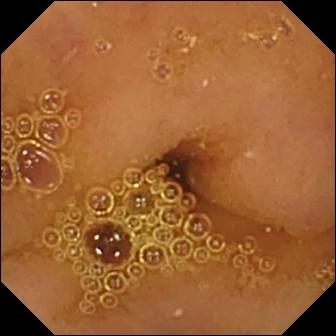Video capsule endoscopy. Small bowel. Impression: normal clean mucosa.